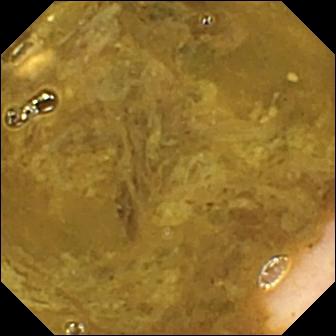- modality: small-bowel capsule endoscopy
- category: anatomical landmark
- position: ileo-cecal valve region (the transition from the small bowel to the large bowel)